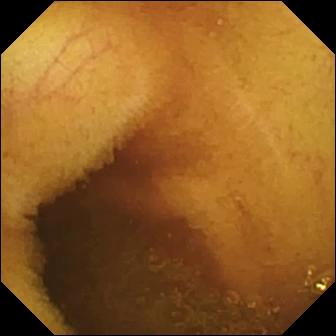Normal clean mucosa.